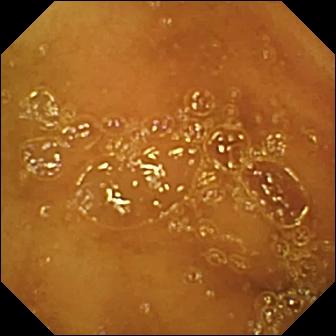WCE — normal clean mucosa.